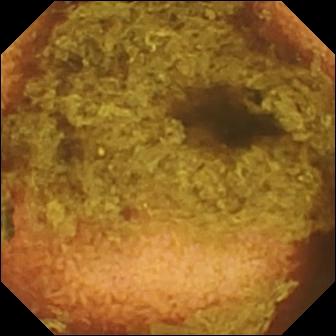This WCE snapshot shows normal clean mucosa.